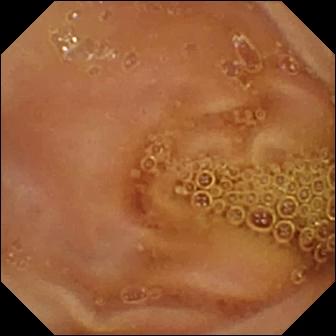modality: WCE | finding: normal clean mucosa